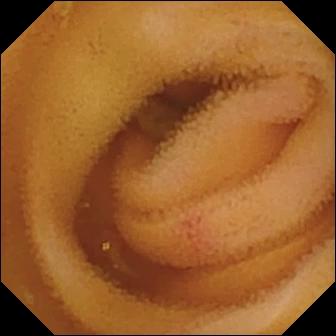Capsule endoscopy frame showing angiectasia.